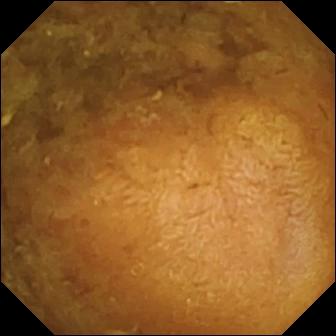WCE frame, 336×336. Reduced mucosal view (content or bubbles obscuring the mucosa).